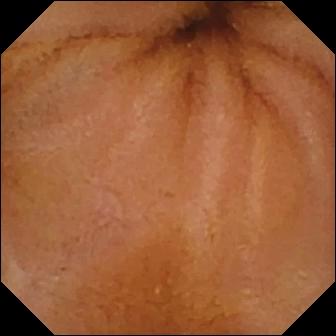Normal clean mucosa — video capsule endoscopy frame of the small intestine.